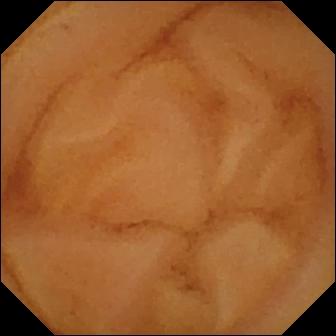modality: VCE | segment: small bowel | label: normal clean mucosa